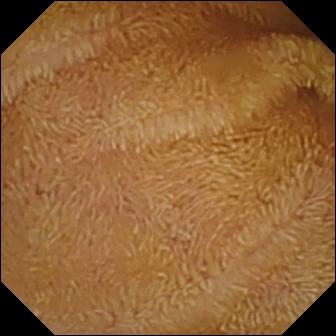This capsule endoscopy view of the small bowel shows normal clean mucosa.